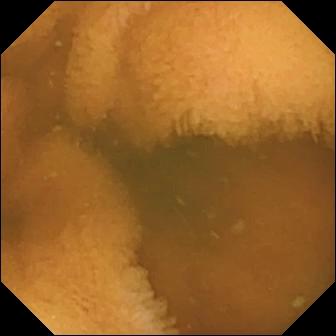modality: WCE; segment: small bowel; label: normal clean mucosa